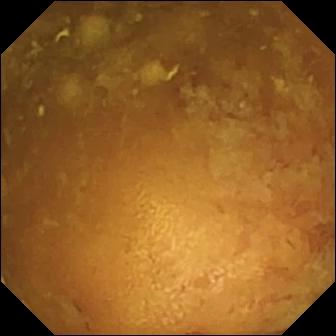{"modality": "small-bowel capsule endoscopy", "segment": "small bowel", "finding": "reduced mucosal view (content or bubbles obscuring the mucosa)"}